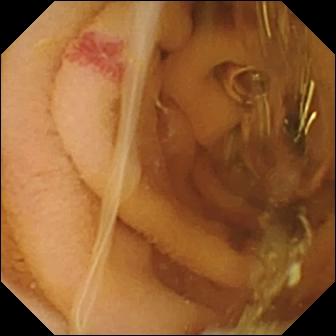modality: small-bowel capsule endoscopy; observation: angiectasia